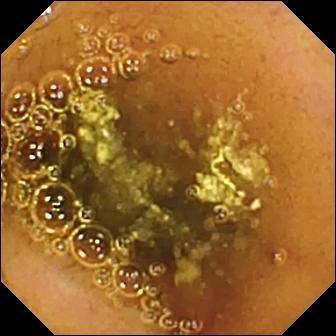Video capsule endoscopy image, 336×336. Normal clean mucosa.